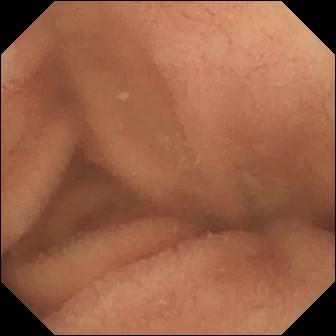Small-bowel capsule endoscopy. Small intestine. Finding: normal clean mucosa.